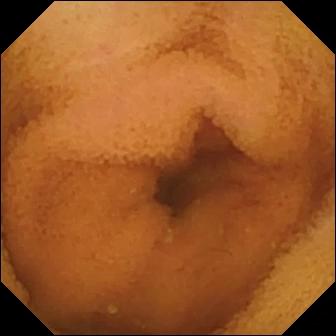Video capsule endoscopy still (small bowel). Normal clean mucosa.